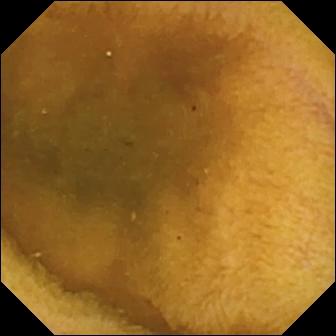Q: What does this small-bowel capsule endoscopy view show?
A: Normal clean mucosa.